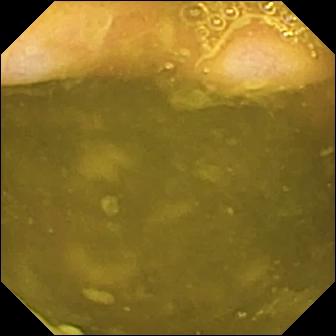modality: WCE
position: ileo-cecal valve region (the transition from the small bowel to the large bowel)